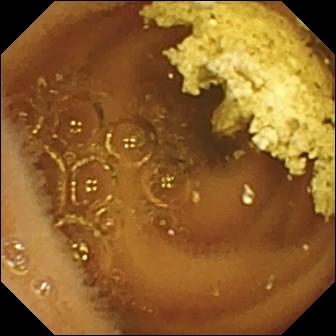Normal clean mucosa.